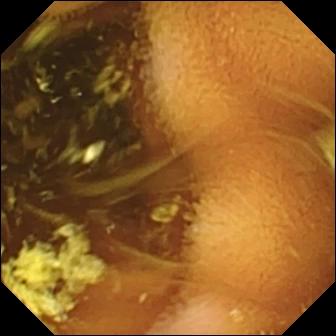Capsule endoscopy snapshot. Normal clean mucosa.